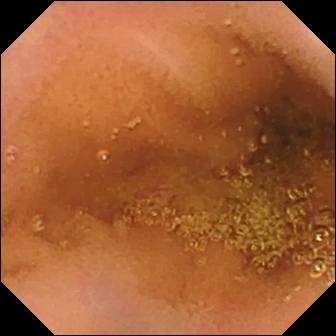Normal clean mucosa — video capsule endoscopy image of the small intestine.